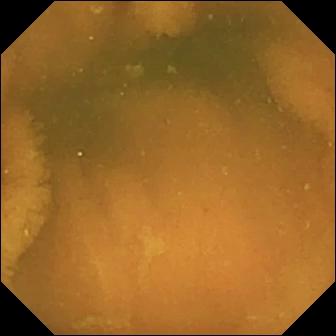This capsule endoscopy image shows normal clean mucosa.